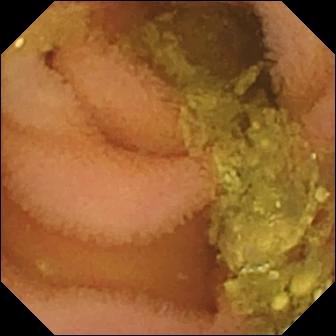Q: What does this wireless capsule endoscopy image show?
A: Normal clean mucosa.